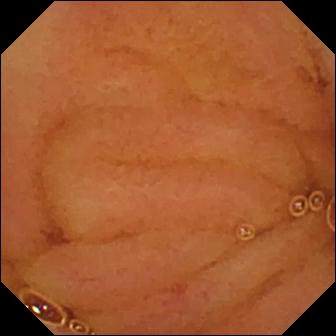This WCE snapshot shows normal clean mucosa.